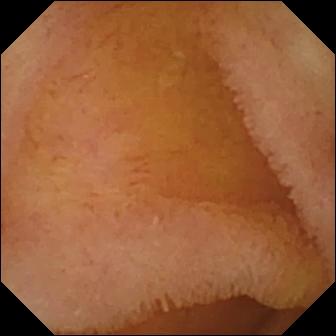Normal clean mucosa — VCE image.